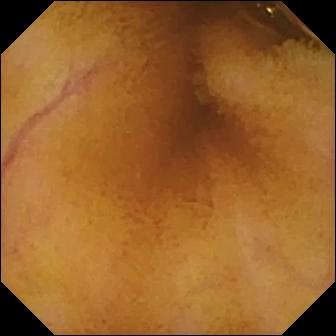Wireless capsule endoscopy — normal clean mucosa.